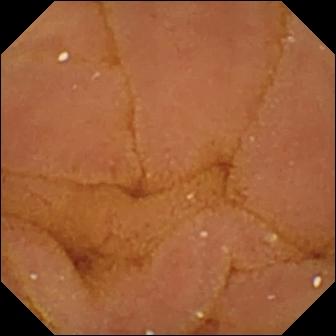modality: wireless capsule endoscopy; finding: normal clean mucosa